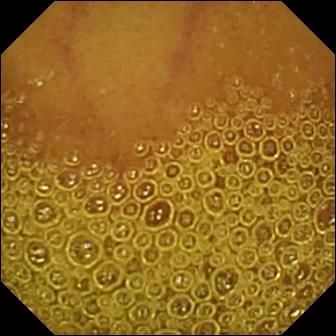Normal clean mucosa — video capsule endoscopy snapshot of the small intestine.